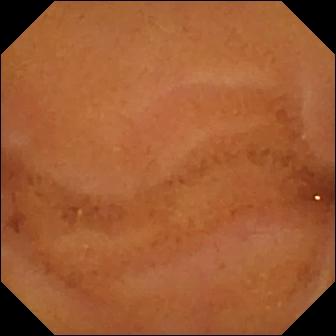{"modality": "video capsule endoscopy", "category": "luminal finding", "finding": "normal clean mucosa"}